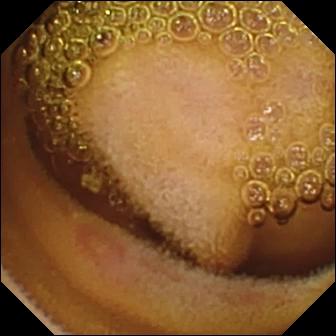{"modality": "VCE", "category": "luminal finding", "finding": "erosion"}